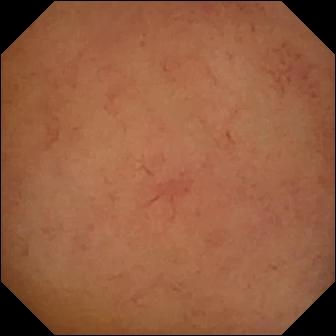{"modality": "wireless capsule endoscopy", "segment": "small intestine", "finding": "normal clean mucosa"}